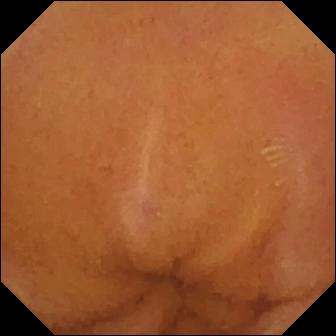This small-bowel capsule endoscopy view of the small intestine shows normal clean mucosa.